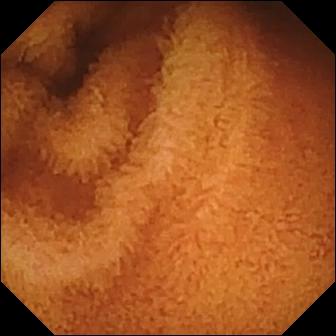Normal clean mucosa — small-bowel capsule endoscopy snapshot of the small intestine.